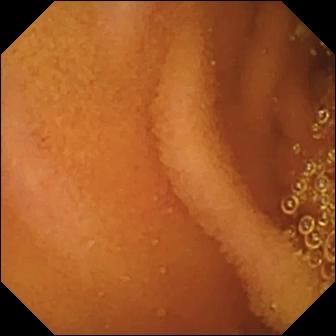Video capsule endoscopy. Label: normal clean mucosa.